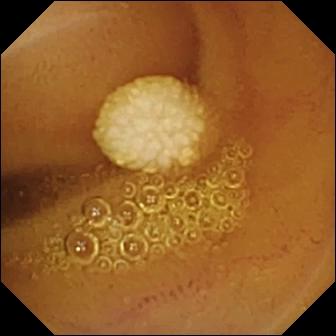This VCE frame shows lymphangiectasia.